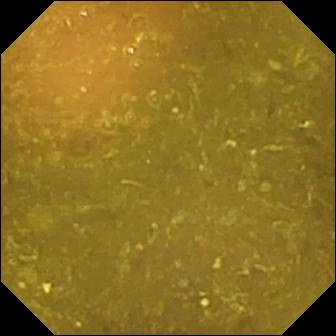Video capsule endoscopy frame (small intestine). Reduced mucosal view (content or bubbles obscuring the mucosa).